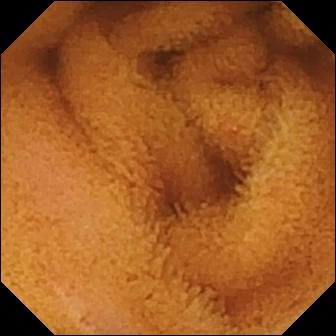Normal clean mucosa — capsule endoscopy still of the small bowel.